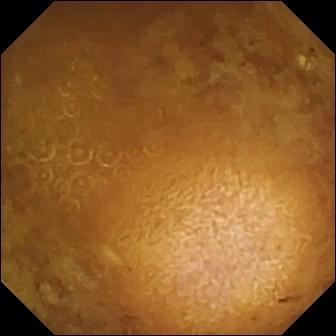WCE. Label: reduced mucosal view (content or bubbles obscuring the mucosa).